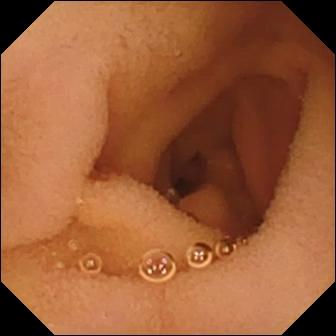modality: VCE | impression: normal clean mucosa